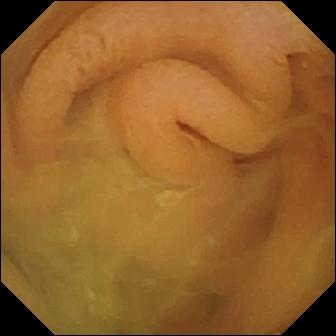modality: video capsule endoscopy | finding: normal clean mucosa